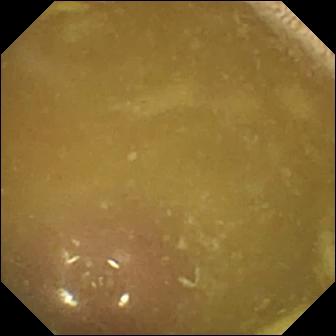Capsule endoscopy view taken in the ileo-cecal valve region (the transition from the small bowel to the large bowel).